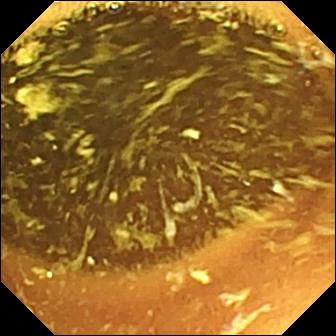Small-bowel capsule endoscopy snapshot, small intestine
Impression: normal clean mucosa